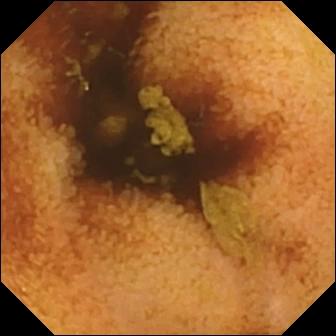{"modality": "capsule endoscopy", "finding": "normal clean mucosa"}